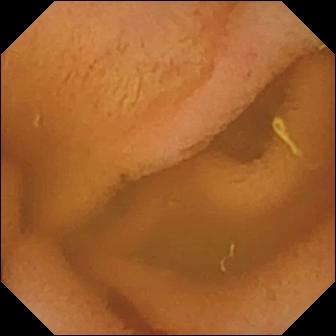Video capsule endoscopy view
Label: normal clean mucosa